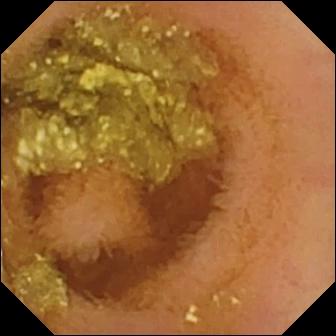Wireless capsule endoscopy. Observation: normal clean mucosa.